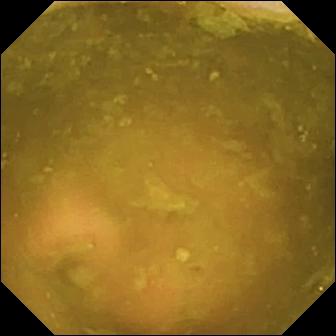Small-bowel capsule endoscopy view
Position: ileo-cecal valve region (the transition from the small bowel to the large bowel)